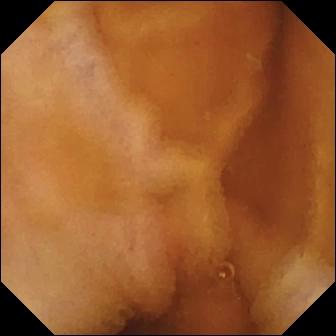Capsule endoscopy frame showing normal clean mucosa.